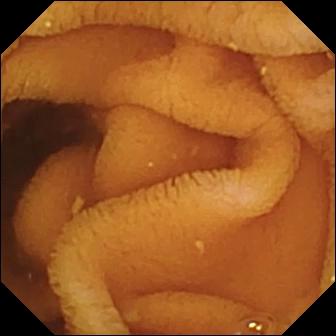modality: small-bowel capsule endoscopy; observation: normal clean mucosa